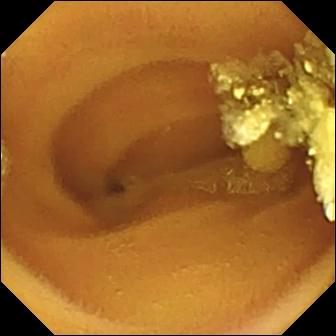- modality: small-bowel capsule endoscopy
- impression: lymphangiectasia